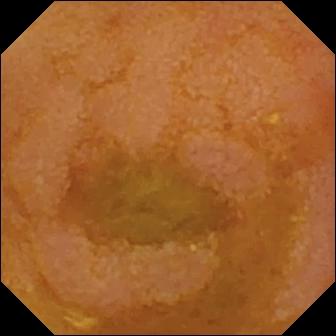- modality: wireless capsule endoscopy
- segment: small intestine
- label: reduced mucosal view (content or bubbles obscuring the mucosa)